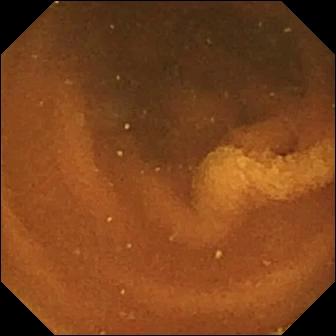{"modality": "wireless capsule endoscopy", "category": "luminal finding", "finding": "normal clean mucosa"}